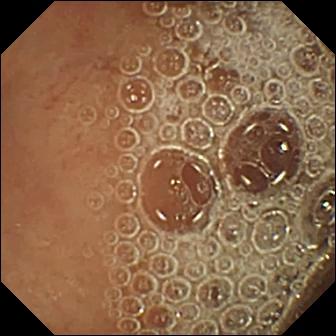modality: wireless capsule endoscopy | finding: normal clean mucosa